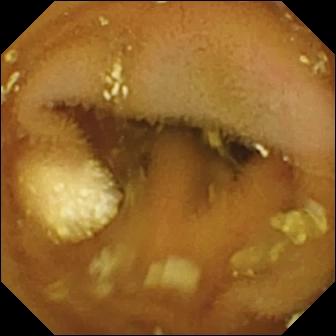Small-bowel capsule endoscopy — lymphangiectasia.